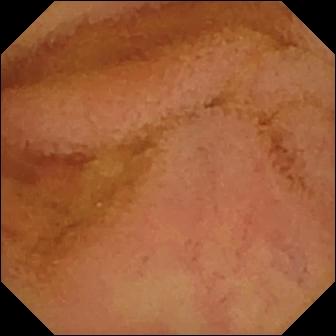PROCEDURE: Small-bowel capsule endoscopy.
SEGMENT: Small intestine.
FINDINGS: Normal clean mucosa.